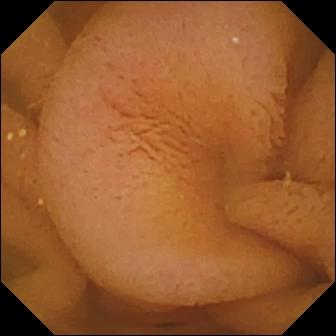PROCEDURE: WCE.
FINDINGS: Normal clean mucosa.